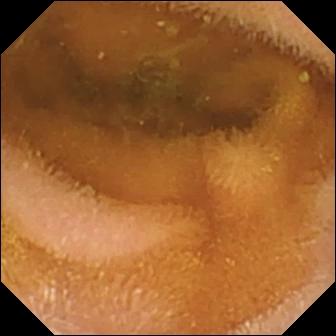Q: What does this capsule endoscopy image show?
A: Normal clean mucosa.